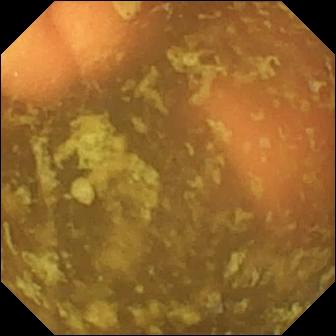Wireless capsule endoscopy view
Label: ileo-cecal valve region